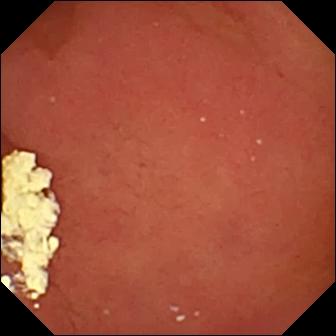Pylorus region.